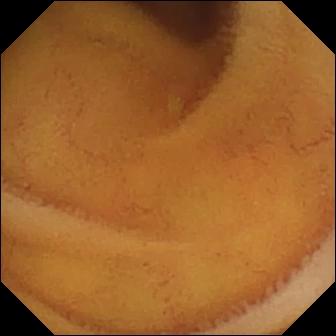PROCEDURE: Capsule endoscopy.
SEGMENT: Small intestine.
FINDINGS: Normal clean mucosa.